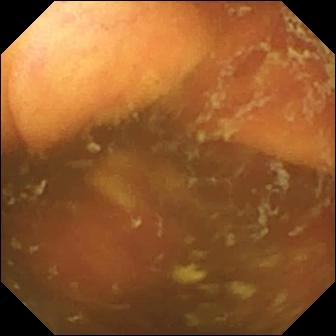Ileo-cecal valve region (the transition from the small bowel to the large bowel) — VCE snapshot.